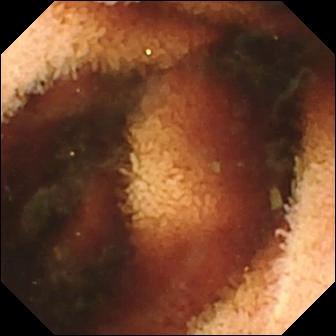Fresh blood in the lumen.